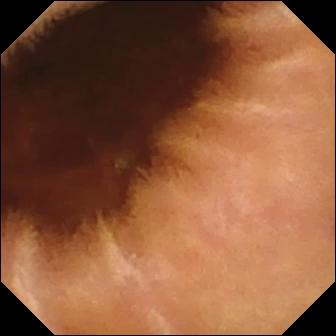Capsule endoscopy. Small bowel. Luminal finding. Impression: normal clean mucosa.